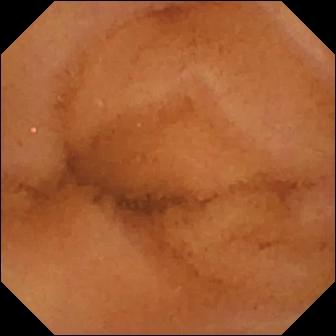modality: VCE | category: luminal finding | impression: normal clean mucosa